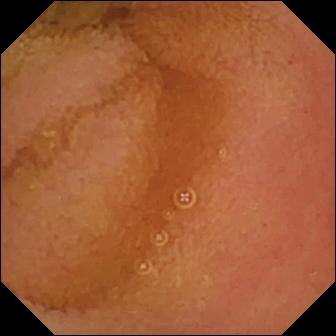Small-bowel capsule endoscopy. Small intestine. Finding: normal clean mucosa.